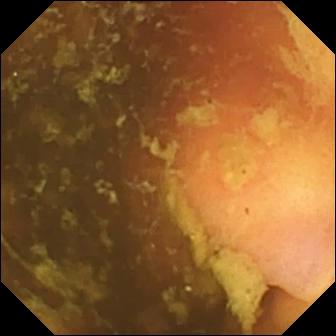Ileo-cecal valve region — video capsule endoscopy still.